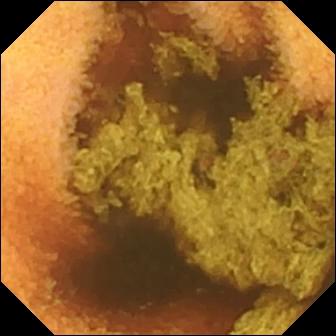PROCEDURE: VCE.
SEGMENT: Small intestine.
FINDINGS: Normal clean mucosa.